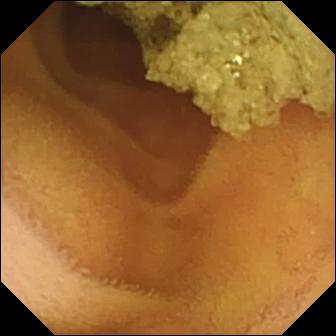Normal clean mucosa — VCE view.